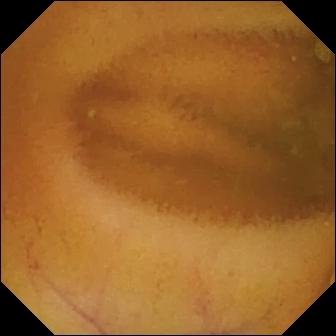- modality: wireless capsule endoscopy
- segment: small intestine
- category: luminal finding
- impression: normal clean mucosa